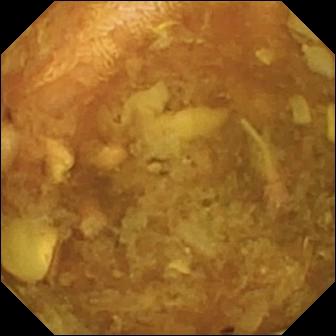VCE frame of the small bowel showing reduced mucosal view (content or bubbles obscuring the mucosa).